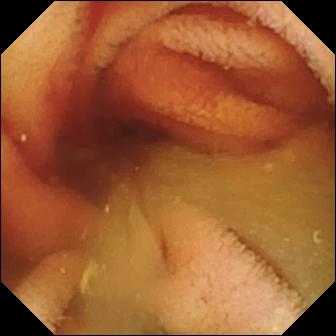Fresh blood in the lumen — small-bowel capsule endoscopy image.